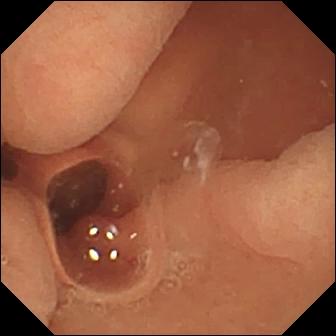modality: wireless capsule endoscopy | observation: normal clean mucosa